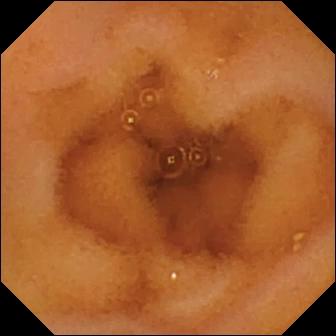This WCE still of the small bowel shows normal clean mucosa.